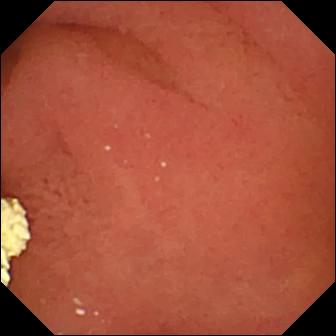WCE frame
Position: pylorus region (where the capsule passes from the stomach into the small bowel)